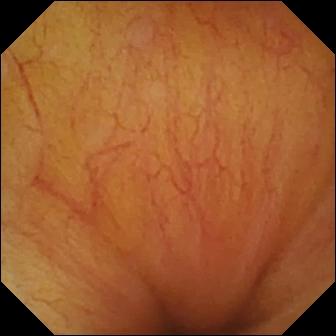This video capsule endoscopy snapshot was taken in the ileo-cecal valve region.